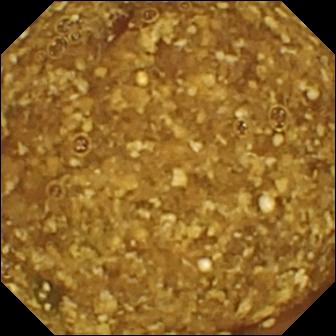PROCEDURE: Capsule endoscopy.
SEGMENT: Small intestine.
FINDINGS: Reduced mucosal view (content or bubbles obscuring the mucosa).